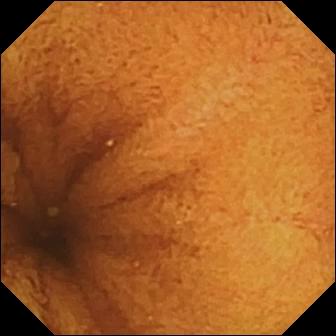Normal clean mucosa — wireless capsule endoscopy frame of the small bowel.